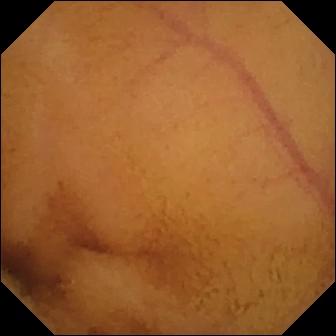PROCEDURE: Capsule endoscopy.
FINDINGS: Normal clean mucosa.